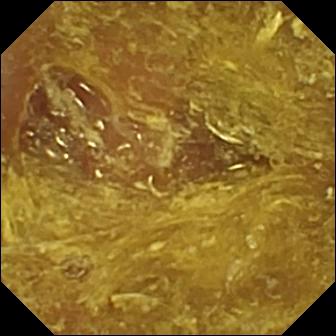Small-bowel capsule endoscopy. Luminal finding. Label: reduced mucosal view (content or bubbles obscuring the mucosa).